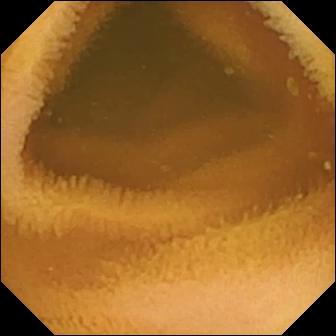{"modality": "small-bowel capsule endoscopy", "category": "luminal finding", "finding": "normal clean mucosa"}